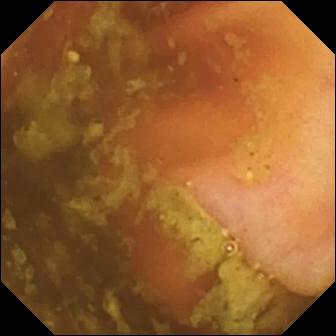- modality: wireless capsule endoscopy
- position: ileo-cecal valve region (where the capsule passes from the small bowel into the large bowel)